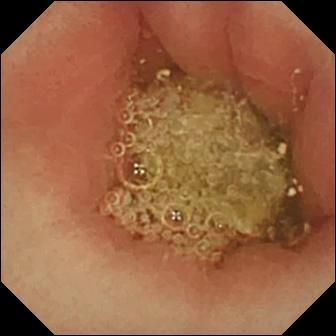WCE — pylorus region (where the capsule passes from the stomach into the small bowel).